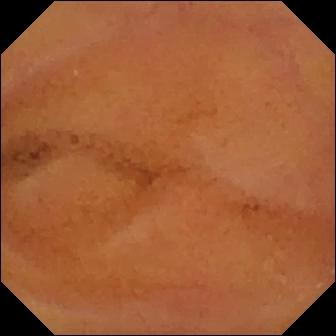This small-bowel capsule endoscopy snapshot shows normal clean mucosa.